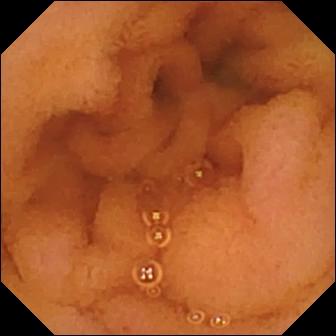Small-bowel capsule endoscopy. Small bowel. Observation: normal clean mucosa.